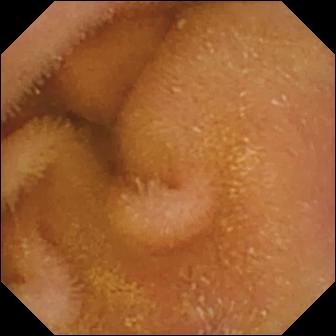WCE frame (small bowel). Normal clean mucosa.